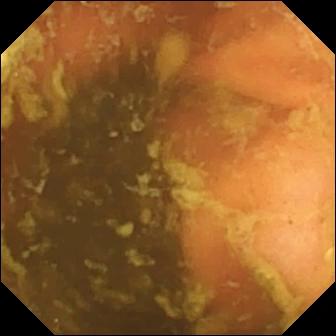{"modality": "small-bowel capsule endoscopy", "category": "anatomical landmark", "video_segment": "ileo-cecal valve region"}